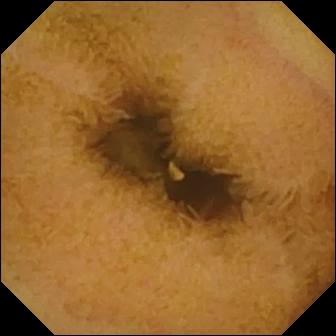{"modality": "small-bowel capsule endoscopy", "segment": "small intestine", "finding": "normal clean mucosa"}